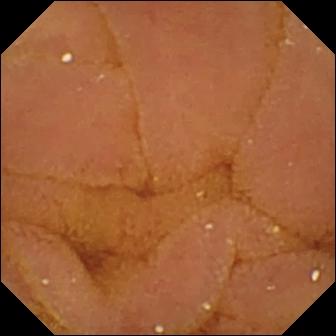PROCEDURE: Capsule endoscopy.
FINDINGS: Normal clean mucosa.